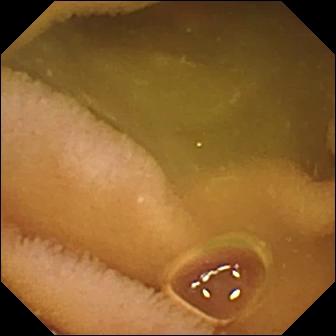Normal clean mucosa (336×336).